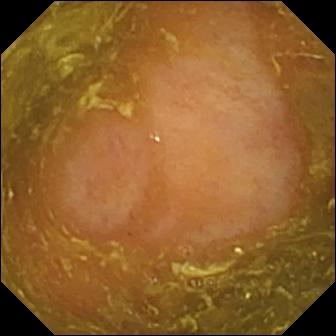PROCEDURE: WCE.
VIDEO SEGMENT: Ileo-cecal valve region (the transition from the small bowel to the large bowel).